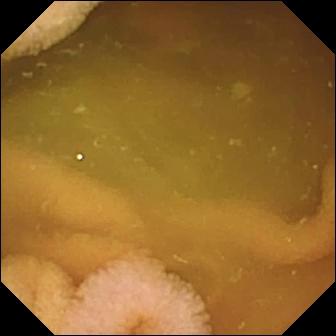Q: What does this wireless capsule endoscopy frame of the small bowel show?
A: Normal clean mucosa.